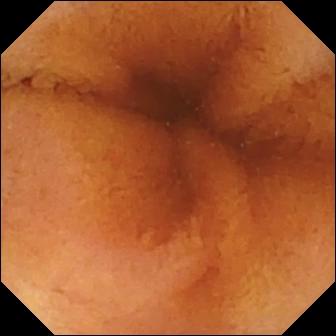Capsule endoscopy image
Observation: normal clean mucosa